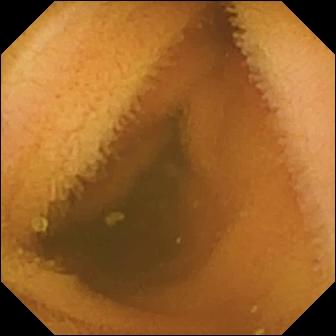WCE view, small bowel
Impression: normal clean mucosa